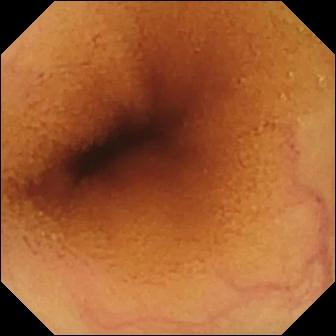Wireless capsule endoscopy still of the small intestine showing normal clean mucosa.